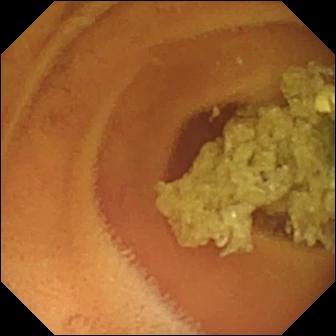Capsule endoscopy still
Observation: normal clean mucosa